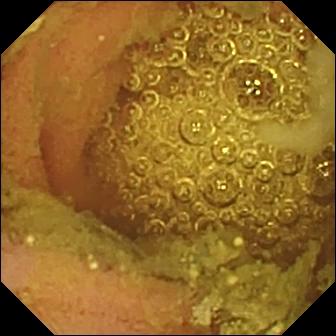modality: capsule endoscopy
category: luminal finding
observation: normal clean mucosa